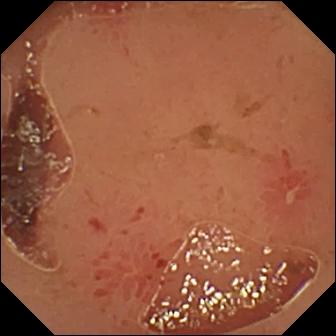Wireless capsule endoscopy view. Erosion.